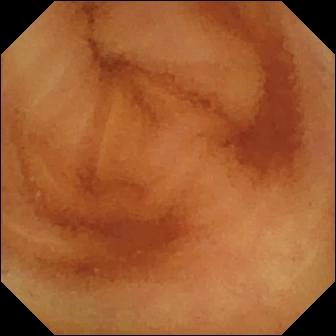Normal clean mucosa (336×336).